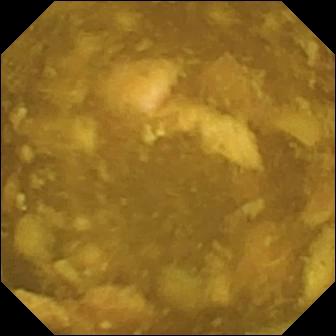Wireless capsule endoscopy — reduced mucosal view (content or bubbles obscuring the mucosa).